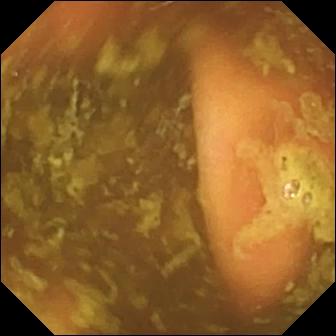PROCEDURE: Capsule endoscopy.
VIDEO SEGMENT: Ileo-cecal valve region.